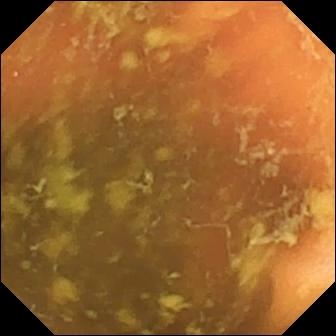{"modality": "small-bowel capsule endoscopy", "category": "anatomical landmark", "position": "ileo-cecal valve region (the transition from the small bowel to the large bowel)"}